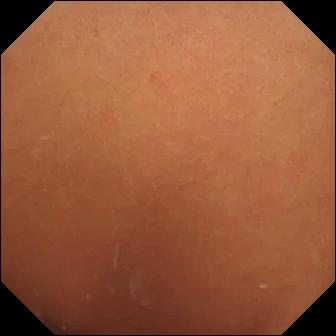Wireless capsule endoscopy — normal clean mucosa.